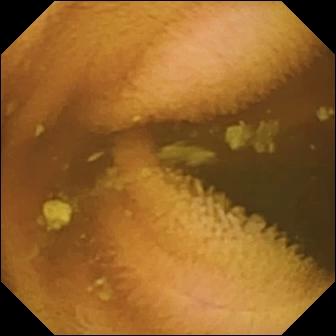Small-bowel capsule endoscopy — normal clean mucosa.